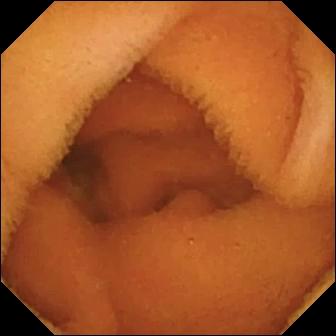Wireless capsule endoscopy — normal clean mucosa.